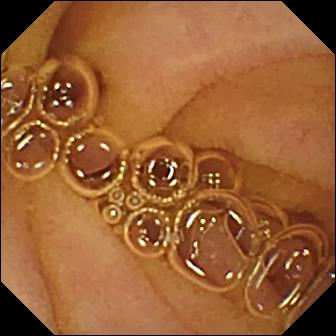Video capsule endoscopy snapshot. Normal clean mucosa.